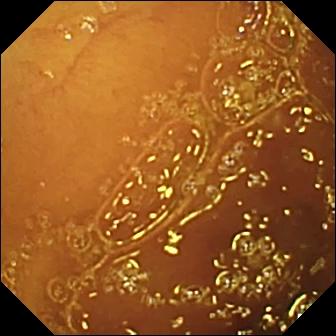Q: What does this WCE image show?
A: Normal clean mucosa.